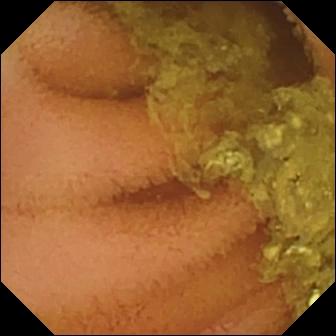This VCE image shows normal clean mucosa.